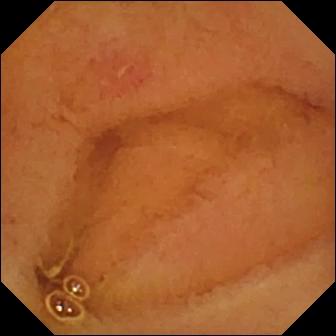PROCEDURE: WCE.
FINDINGS: Erosion.